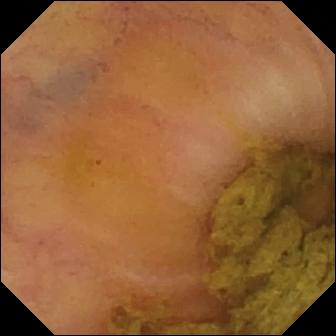{"modality": "small-bowel capsule endoscopy", "position": "ileo-cecal valve region"}